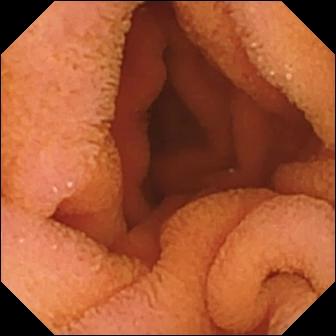This small-bowel capsule endoscopy image shows normal clean mucosa.